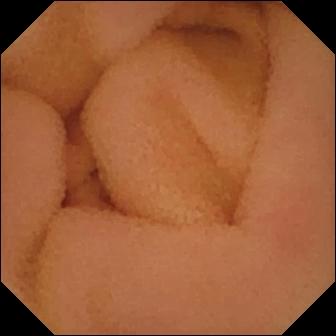Wireless capsule endoscopy still. Normal clean mucosa.